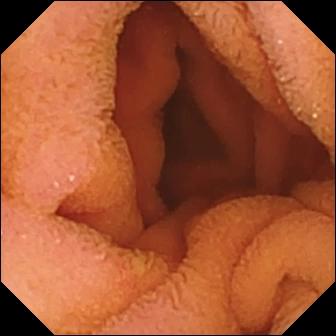- modality: small-bowel capsule endoscopy
- observation: normal clean mucosa